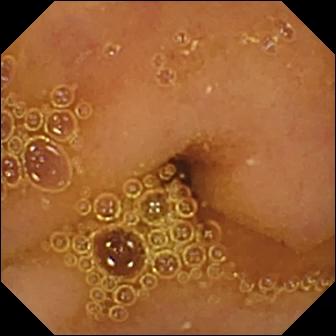Capsule endoscopy — normal clean mucosa.